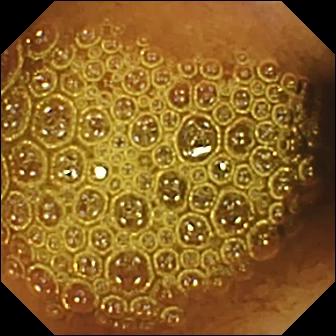Video capsule endoscopy image showing reduced mucosal view (content or bubbles obscuring the mucosa).